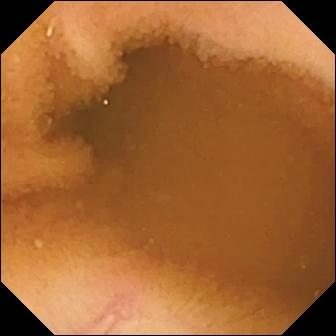Normal clean mucosa (336×336).